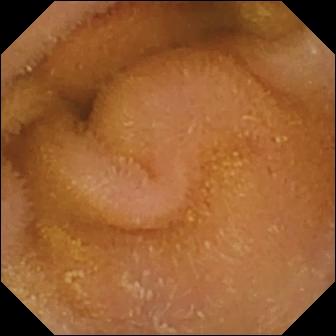Normal clean mucosa — capsule endoscopy snapshot.